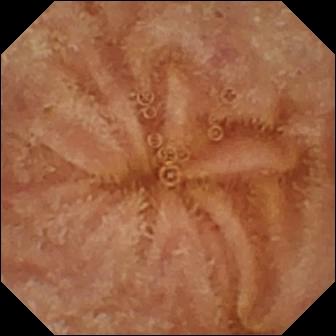PROCEDURE: Wireless capsule endoscopy.
SEGMENT: Small bowel.
FINDINGS: Normal clean mucosa.